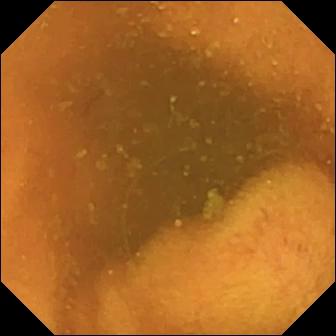Normal clean mucosa — wireless capsule endoscopy snapshot.